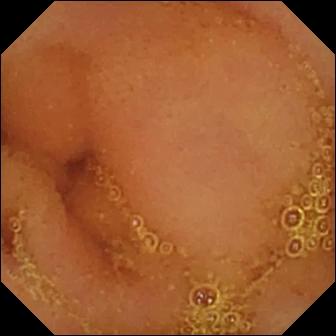modality: small-bowel capsule endoscopy
observation: normal clean mucosa